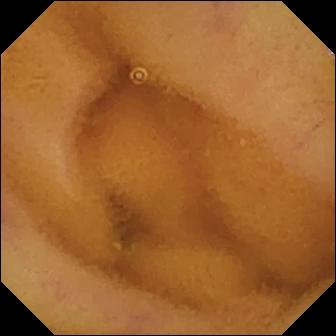PROCEDURE: Small-bowel capsule endoscopy.
SEGMENT: Small intestine.
FINDINGS: Normal clean mucosa.